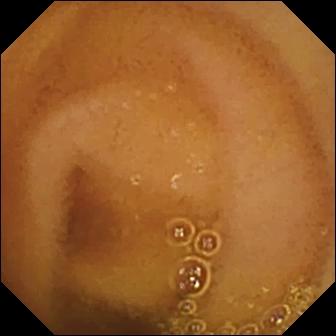VCE image
Finding: normal clean mucosa